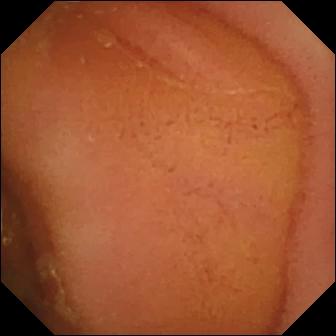Q: What does this video capsule endoscopy view of the small bowel show?
A: Normal clean mucosa.